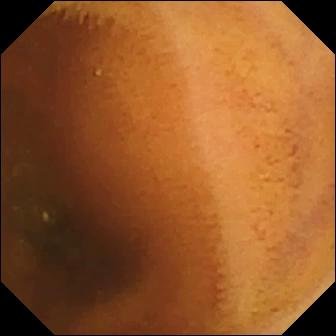Small-bowel capsule endoscopy — normal clean mucosa.